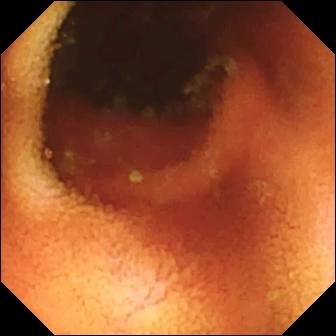VCE snapshot
Location: ileo-cecal valve region